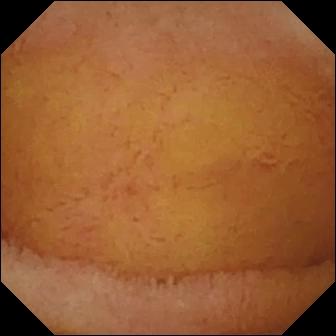Normal clean mucosa (336×336).